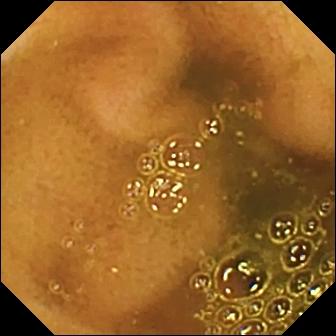Q: Where in the digestive tract was this WCE view taken?
A: Ileo-cecal valve region (the transition from the small bowel to the large bowel).